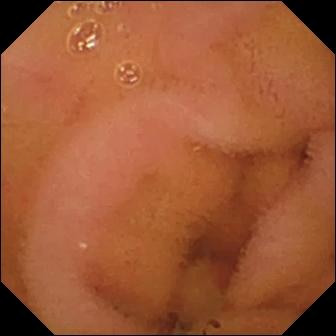Video capsule endoscopy still of the small bowel showing normal clean mucosa.